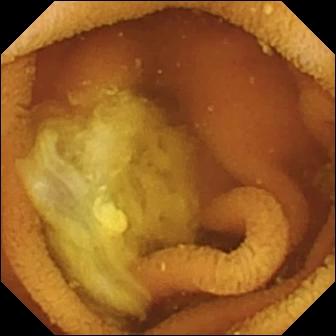This video capsule endoscopy still shows normal clean mucosa.